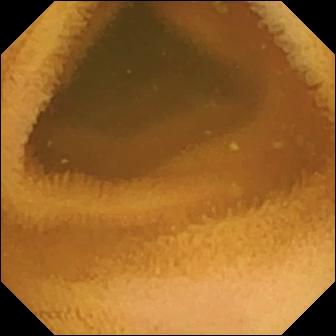Video capsule endoscopy — normal clean mucosa.